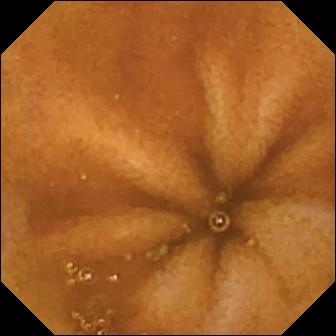This WCE snapshot of the small bowel shows normal clean mucosa.